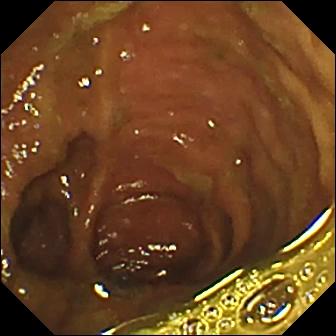modality: VCE | video segment: ileo-cecal valve region (the transition from the small bowel to the large bowel)